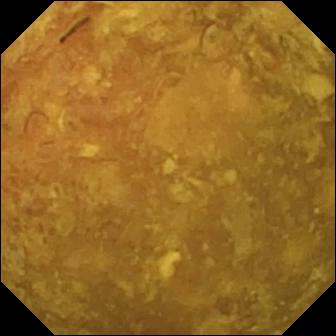Reduced mucosal view (content or bubbles obscuring the mucosa).